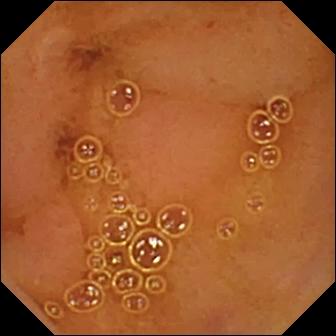VCE frame (small bowel), 336×336. Normal clean mucosa.